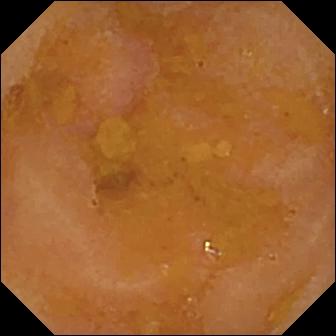Q: What does this capsule endoscopy snapshot show?
A: Reduced mucosal view (content or bubbles obscuring the mucosa).